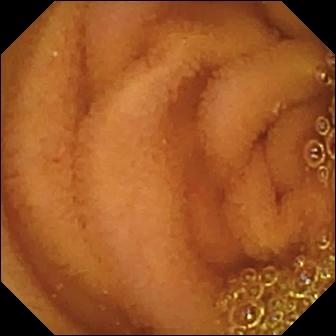PROCEDURE: Small-bowel capsule endoscopy.
SEGMENT: Small bowel.
FINDINGS: Normal clean mucosa.